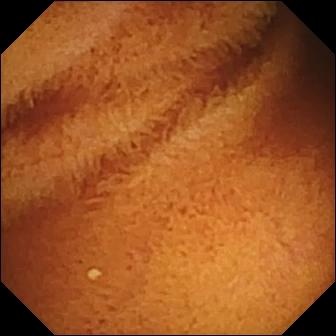Q: What does this WCE snapshot show?
A: Normal clean mucosa.